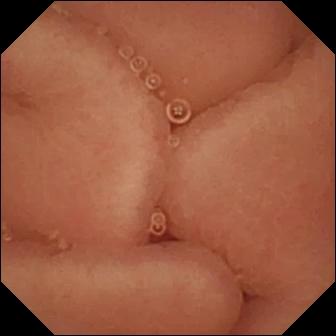WCE — pylorus region (where the capsule passes from the stomach into the small bowel).